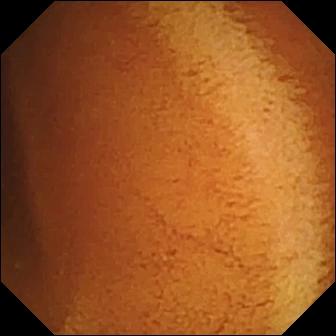WCE — normal clean mucosa.